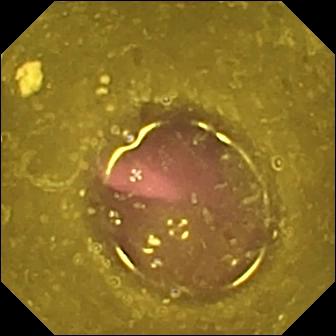PROCEDURE: VCE.
FINDINGS: Reduced mucosal view (content or bubbles obscuring the mucosa).